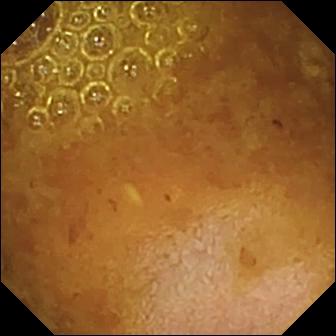Capsule endoscopy image showing reduced mucosal view (content or bubbles obscuring the mucosa).